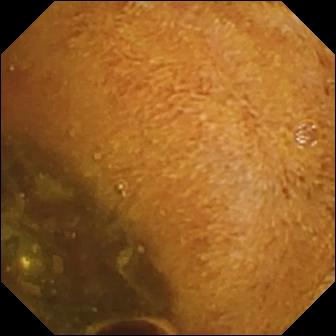VCE still. Foreign body (e.g. retained capsule, tablet residue).